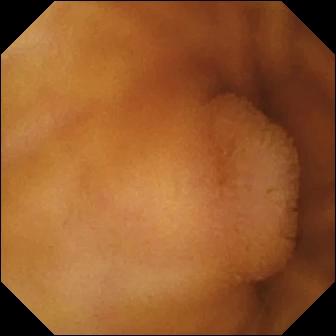WCE — normal clean mucosa.